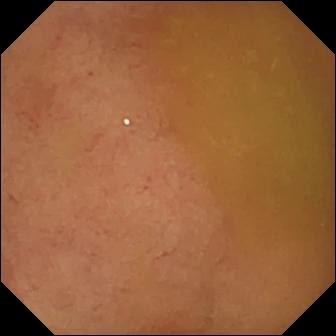Normal clean mucosa — video capsule endoscopy image.